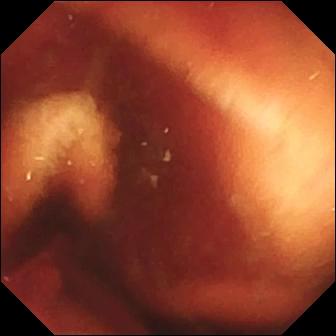Video capsule endoscopy view. Fresh blood in the lumen.